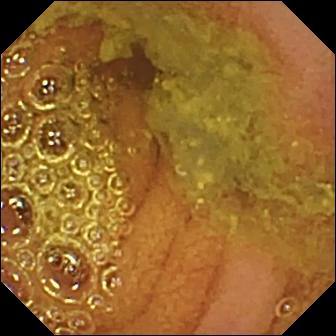- modality: small-bowel capsule endoscopy
- category: luminal finding
- observation: normal clean mucosa